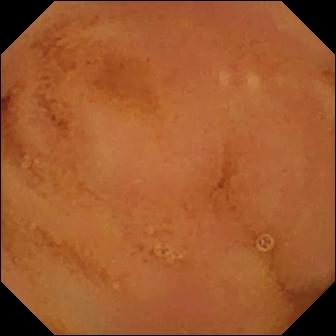This WCE view of the small intestine shows normal clean mucosa.